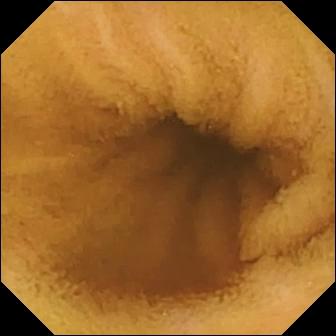Q: What does this video capsule endoscopy snapshot show?
A: Normal clean mucosa.